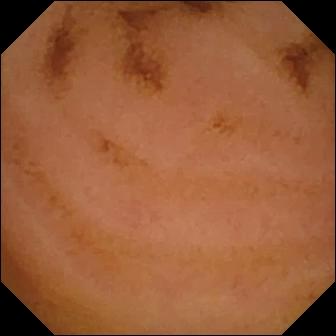This wireless capsule endoscopy frame of the small intestine shows normal clean mucosa.